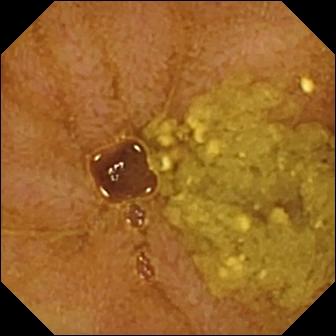modality: capsule endoscopy | position: ileo-cecal valve region (where the capsule passes from the small bowel into the large bowel)